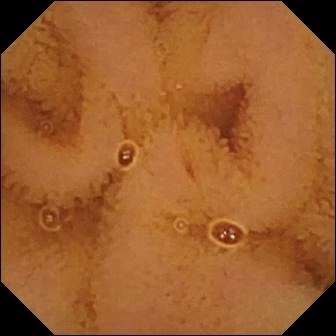{"modality": "wireless capsule endoscopy", "finding": "normal clean mucosa"}